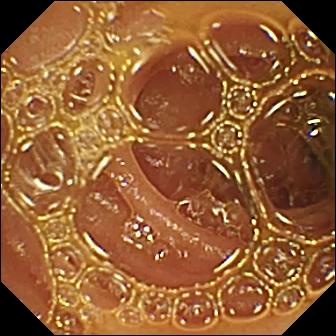Normal clean mucosa.